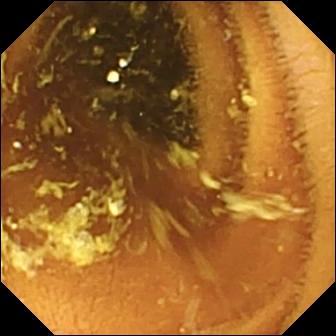Normal clean mucosa — wireless capsule endoscopy snapshot of the small intestine.